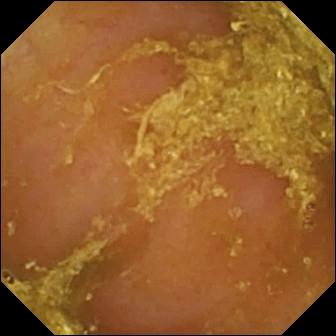{"modality": "wireless capsule endoscopy", "finding": "reduced mucosal view (content or bubbles obscuring the mucosa)"}